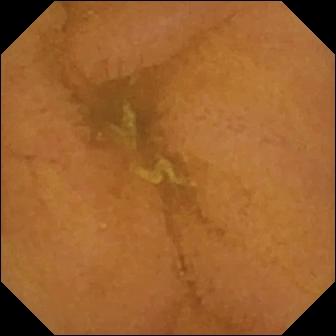Normal clean mucosa.